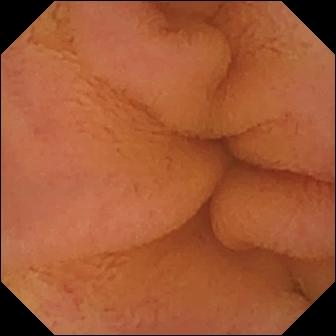PROCEDURE: Small-bowel capsule endoscopy.
SEGMENT: Small bowel.
FINDINGS: Normal clean mucosa.